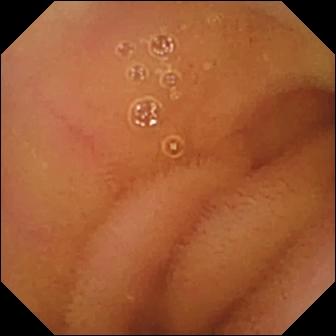{"modality": "VCE", "segment": "small intestine", "category": "luminal finding", "finding": "normal clean mucosa"}